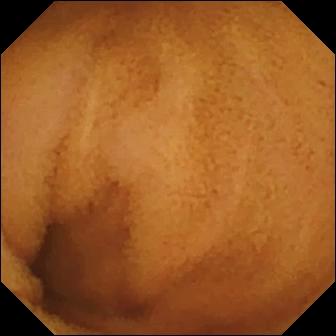This video capsule endoscopy image of the small intestine shows normal clean mucosa.